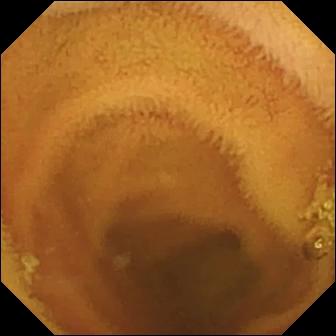This small-bowel capsule endoscopy still of the small bowel shows normal clean mucosa.